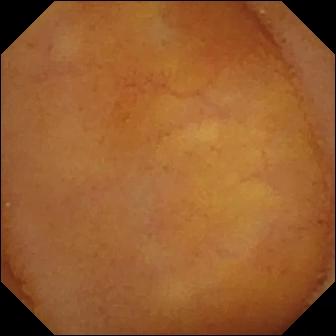modality: VCE
category: luminal finding
finding: normal clean mucosa